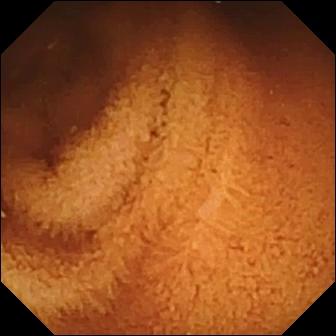Video capsule endoscopy still of the small intestine showing normal clean mucosa.